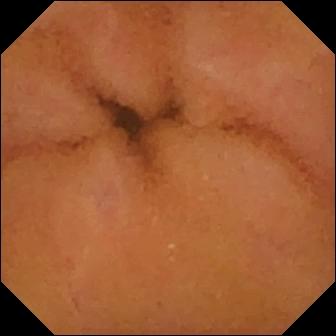- modality: wireless capsule endoscopy
- segment: small intestine
- label: normal clean mucosa